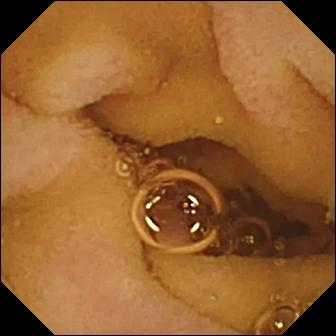Wireless capsule endoscopy. Small intestine. Luminal finding. Impression: normal clean mucosa.